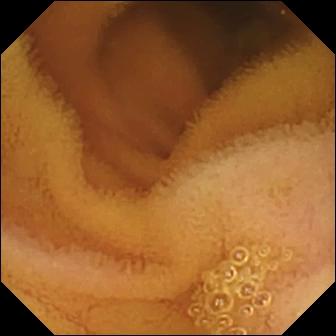Normal clean mucosa.